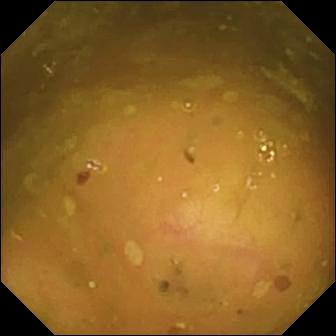This small-bowel capsule endoscopy frame was taken in the ileo-cecal valve region.